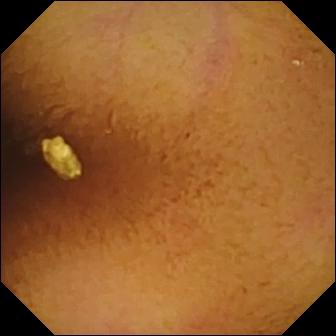PROCEDURE: Wireless capsule endoscopy.
SEGMENT: Small bowel.
FINDINGS: Normal clean mucosa.